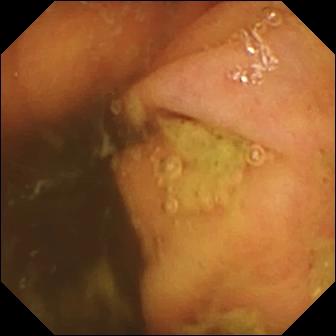{"modality": "capsule endoscopy", "position": "ileo-cecal valve region (where the capsule passes from the small bowel into the large bowel)"}